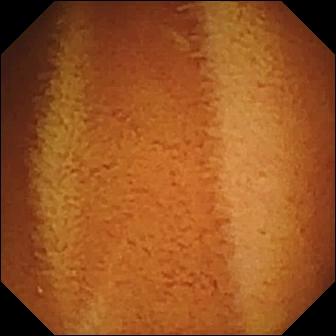VCE image
Impression: normal clean mucosa